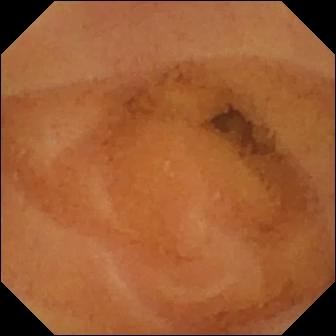Capsule endoscopy — normal clean mucosa.